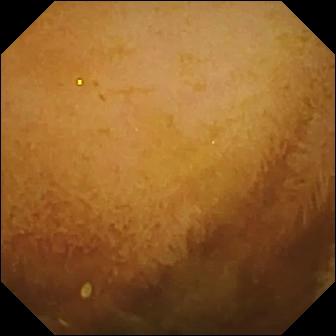PROCEDURE: WCE.
FINDINGS: Normal clean mucosa.